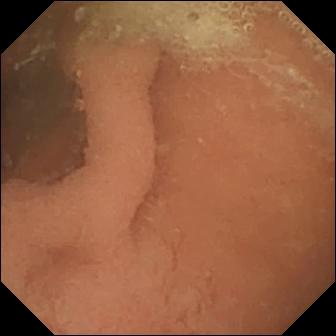Normal clean mucosa — small-bowel capsule endoscopy still of the small bowel.